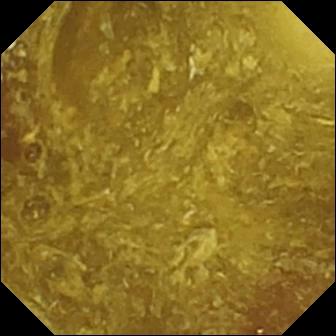- modality: capsule endoscopy
- segment: small intestine
- label: reduced mucosal view (content or bubbles obscuring the mucosa)